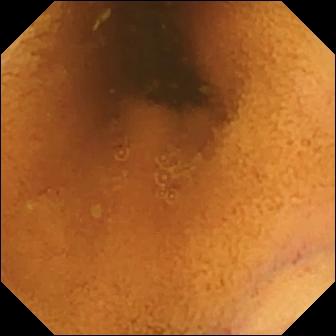modality: wireless capsule endoscopy
observation: normal clean mucosa